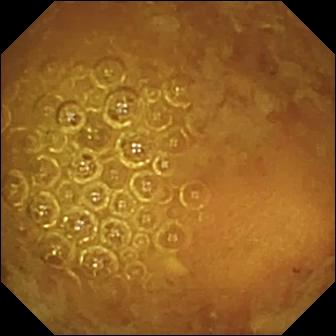modality: VCE; category: luminal finding; observation: reduced mucosal view (content or bubbles obscuring the mucosa)